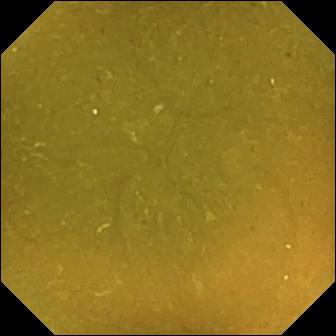{"modality": "WCE", "label": "ileo-cecal valve region (where the capsule passes from the small bowel into the large bowel)"}